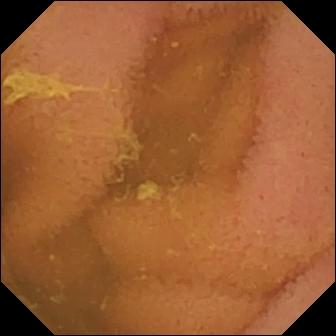Q: What does this capsule endoscopy snapshot of the small bowel show?
A: Normal clean mucosa.